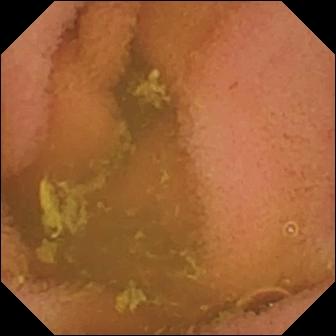Normal clean mucosa.